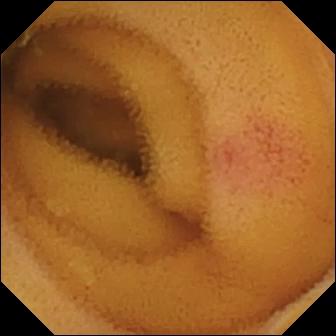Q: What does this video capsule endoscopy frame show?
A: Angiectasia.